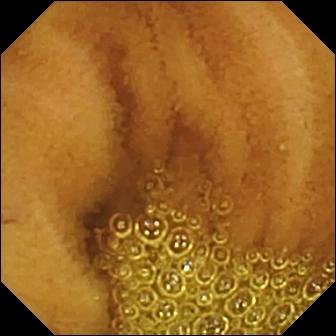Normal clean mucosa.